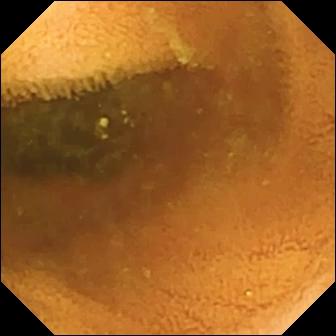{"modality": "wireless capsule endoscopy", "segment": "small intestine", "category": "luminal finding", "finding": "normal clean mucosa"}